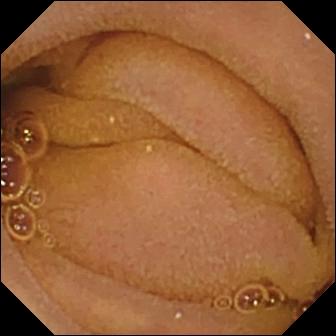PROCEDURE: Video capsule endoscopy.
SEGMENT: Small intestine.
FINDINGS: Normal clean mucosa.